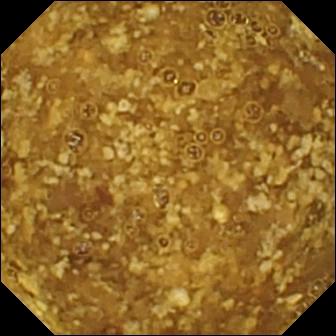Reduced mucosal view (content or bubbles obscuring the mucosa) — small-bowel capsule endoscopy still.